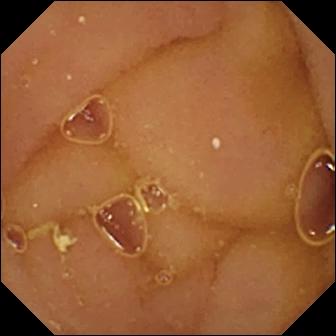PROCEDURE: WCE.
FINDINGS: Normal clean mucosa.